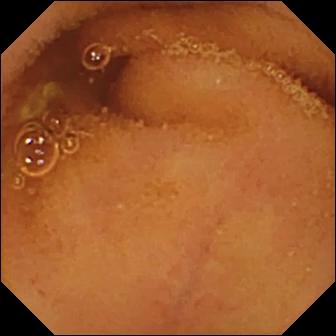VCE snapshot. Normal clean mucosa.